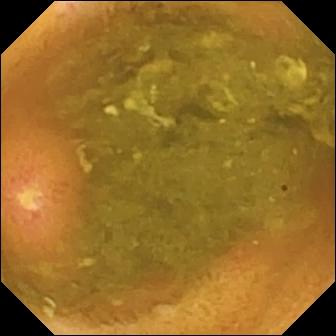Q: What does this capsule endoscopy frame show?
A: Ulcer.